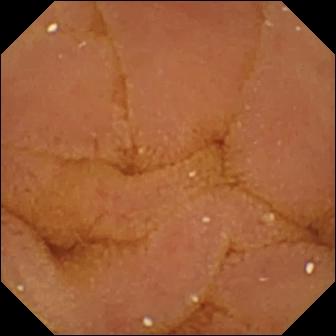This WCE still of the small bowel shows normal clean mucosa.